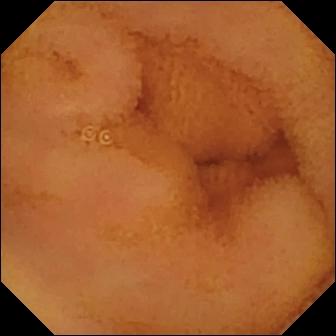{"modality": "capsule endoscopy", "finding": "normal clean mucosa"}